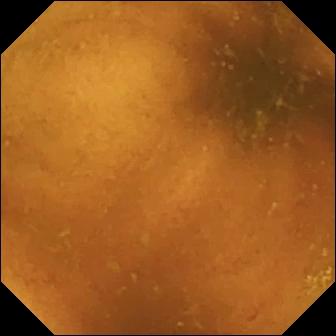{"modality": "capsule endoscopy", "segment": "small bowel", "finding": "normal clean mucosa"}